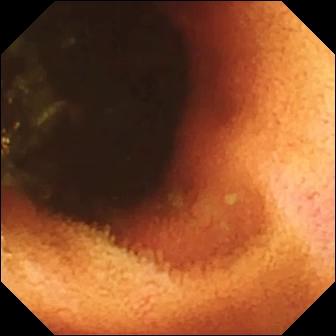VCE — ileo-cecal valve region.